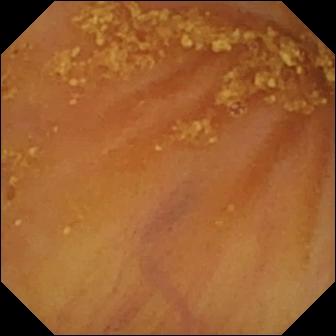- modality: capsule endoscopy
- video segment: ileo-cecal valve region (the transition from the small bowel to the large bowel)